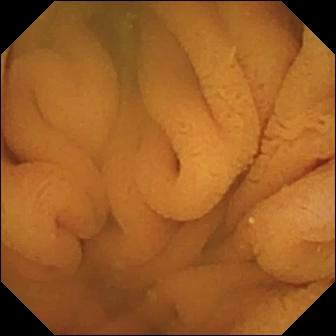VCE still (small bowel), 336×336. Normal clean mucosa.